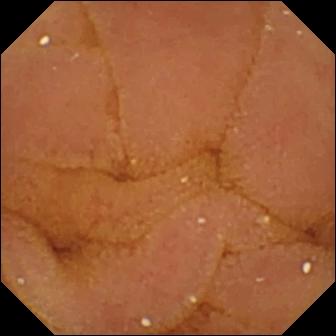Normal clean mucosa.